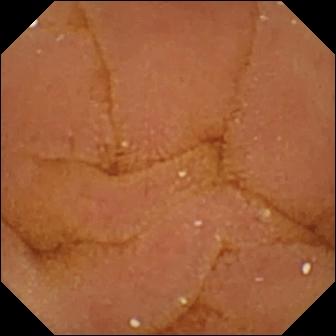Video capsule endoscopy snapshot of the small bowel showing normal clean mucosa.